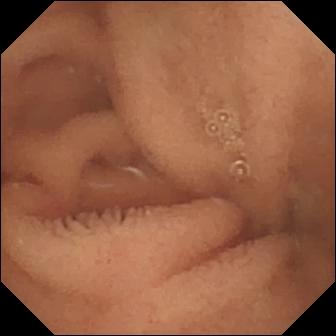Wireless capsule endoscopy still of the small intestine showing normal clean mucosa.